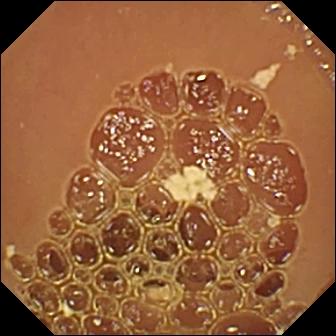- modality: small-bowel capsule endoscopy
- observation: normal clean mucosa